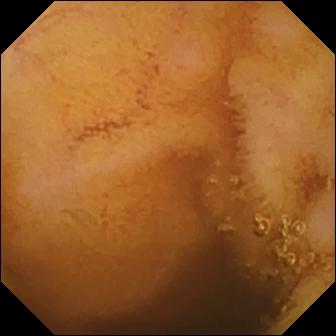PROCEDURE: Small-bowel capsule endoscopy.
SEGMENT: Small intestine.
FINDINGS: Normal clean mucosa.